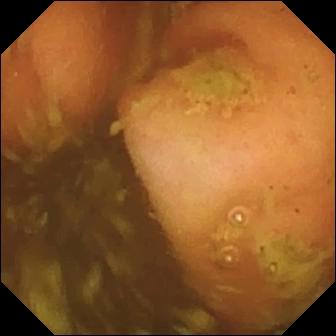modality: small-bowel capsule endoscopy; category: anatomical landmark; video segment: ileo-cecal valve region (where the capsule passes from the small bowel into the large bowel)